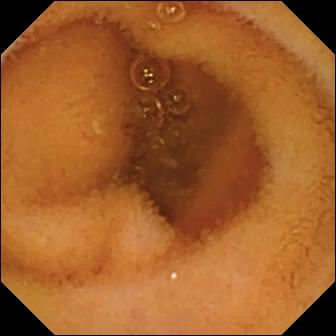VCE snapshot
Label: normal clean mucosa